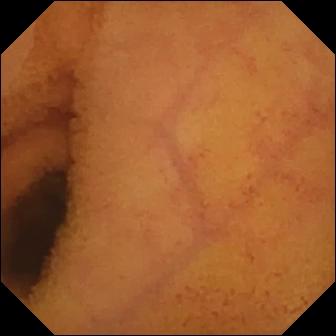Capsule endoscopy image, small intestine
Observation: normal clean mucosa